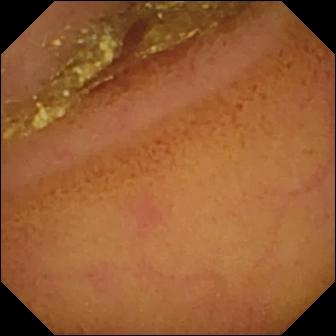Wireless capsule endoscopy image showing normal clean mucosa.